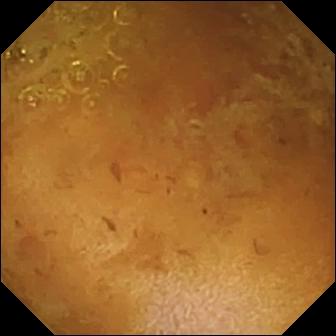PROCEDURE: Capsule endoscopy.
SEGMENT: Small intestine.
FINDINGS: Reduced mucosal view (content or bubbles obscuring the mucosa).